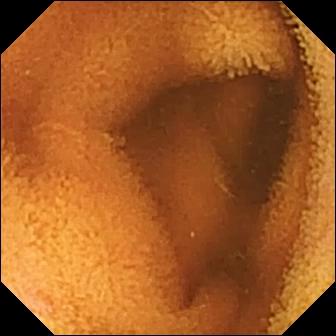Video capsule endoscopy snapshot showing normal clean mucosa.